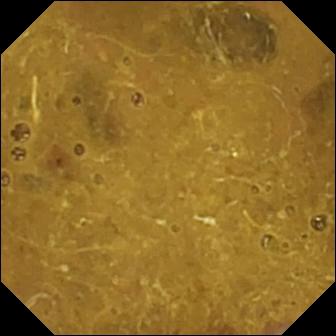Small-bowel capsule endoscopy — ileo-cecal valve region (the transition from the small bowel to the large bowel).